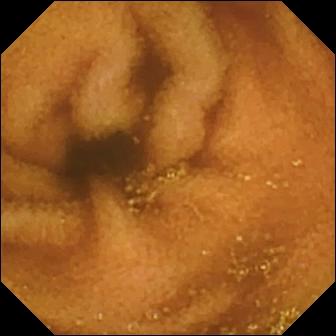Normal clean mucosa — small-bowel capsule endoscopy snapshot.